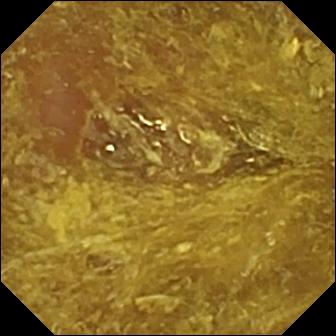- modality: video capsule endoscopy
- category: luminal finding
- label: reduced mucosal view (content or bubbles obscuring the mucosa)